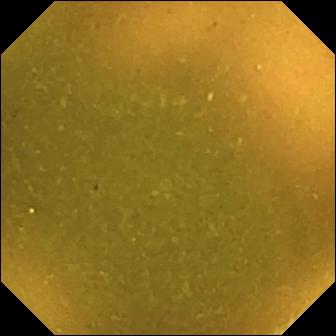This VCE view was taken in the ileo-cecal valve region (the transition from the small bowel to the large bowel).